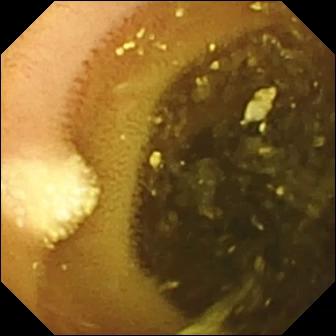PROCEDURE: Small-bowel capsule endoscopy.
FINDINGS: Lymphangiectasia.